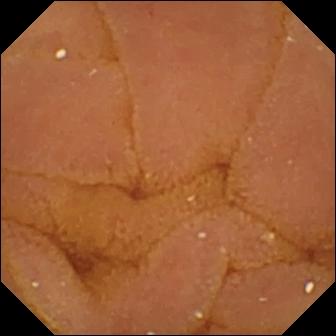Normal clean mucosa — VCE frame.